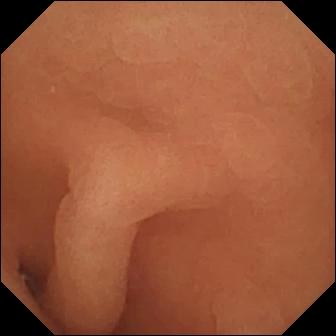Q: What does this wireless capsule endoscopy still show?
A: Normal clean mucosa.